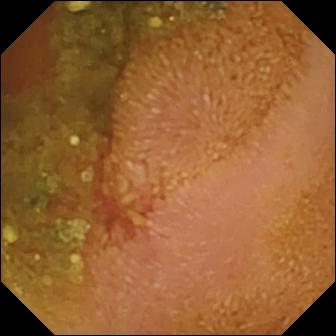Erosion — capsule endoscopy image.